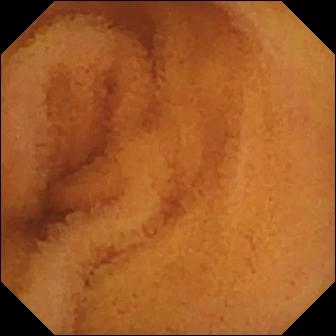Capsule endoscopy. Small bowel. Observation: normal clean mucosa.